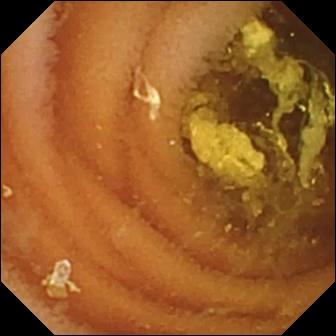Normal clean mucosa — WCE snapshot.